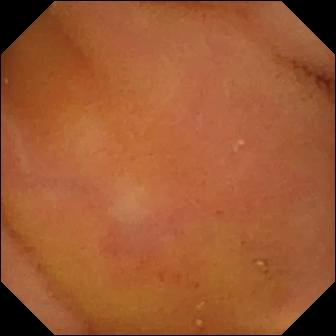VCE. Impression: normal clean mucosa.